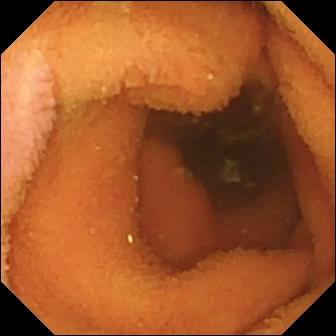- modality: VCE
- segment: small bowel
- category: luminal finding
- observation: normal clean mucosa